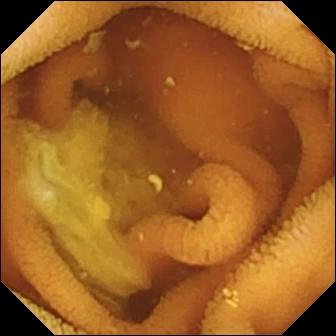Normal clean mucosa (336×336).